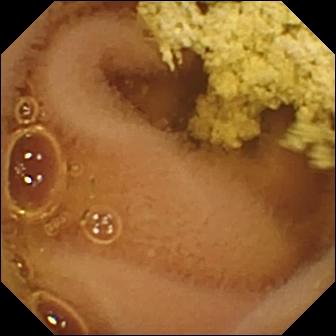WCE still of the small intestine showing normal clean mucosa.